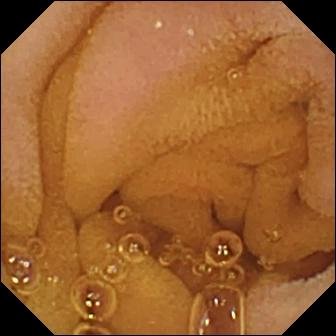WCE. Small bowel. Impression: normal clean mucosa.